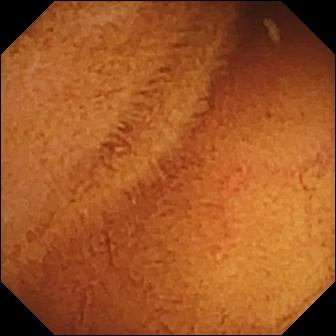Wireless capsule endoscopy view
Finding: normal clean mucosa